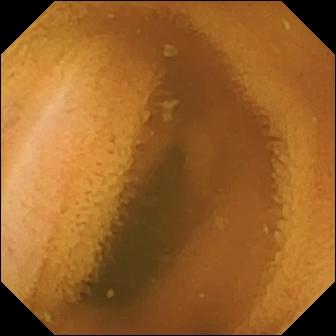PROCEDURE: Capsule endoscopy.
SEGMENT: Small bowel.
FINDINGS: Normal clean mucosa.